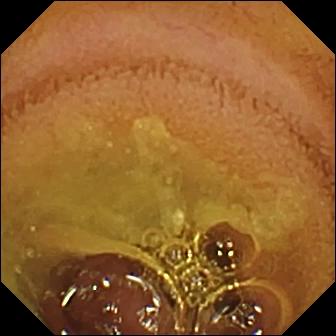VCE view (small intestine), 336×336. Normal clean mucosa.